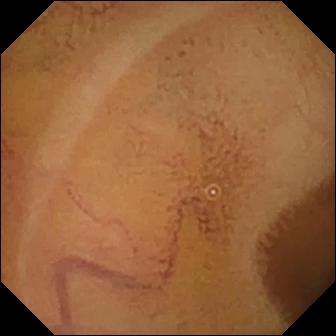Normal clean mucosa.